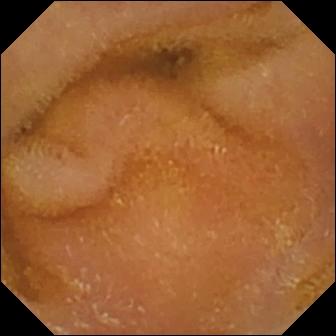Small-bowel capsule endoscopy. Small bowel. Observation: normal clean mucosa.